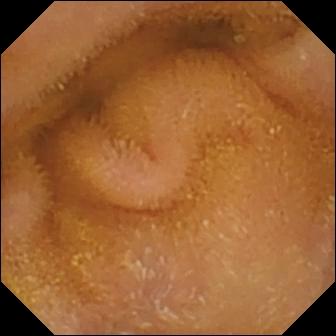Small-bowel capsule endoscopy — normal clean mucosa.